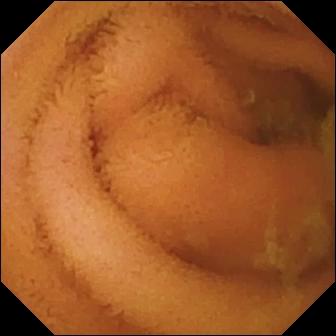{"modality": "video capsule endoscopy", "finding": "normal clean mucosa"}